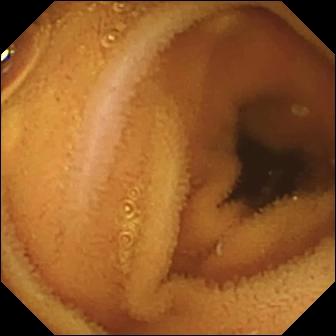Wireless capsule endoscopy frame showing normal clean mucosa.